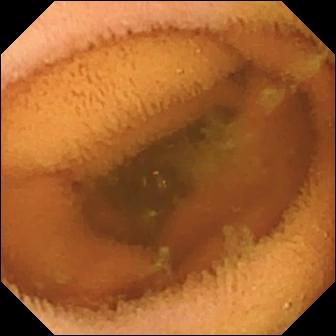WCE — normal clean mucosa.